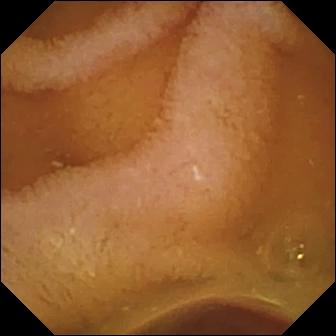Normal clean mucosa — WCE snapshot.